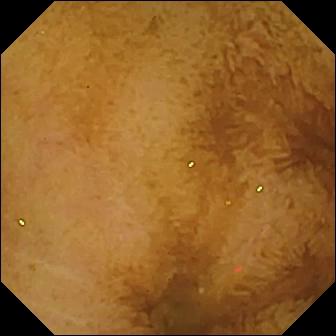Video capsule endoscopy. Impression: normal clean mucosa.